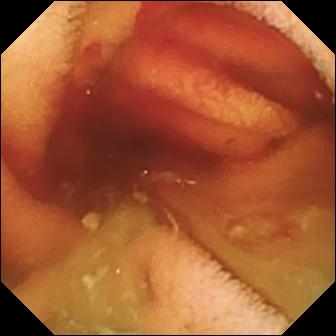Small-bowel capsule endoscopy frame. Fresh blood in the lumen.